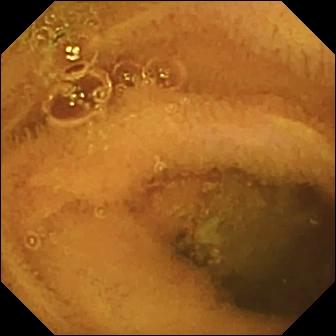Capsule endoscopy frame (small intestine). Normal clean mucosa.